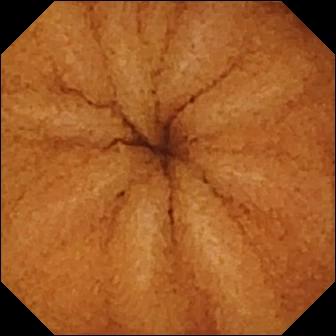- modality: video capsule endoscopy
- category: luminal finding
- observation: normal clean mucosa